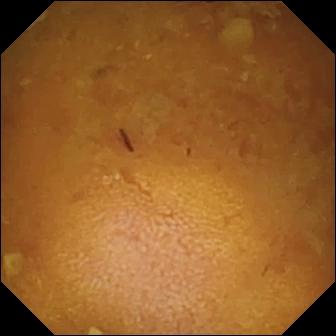Capsule endoscopy — reduced mucosal view (content or bubbles obscuring the mucosa).